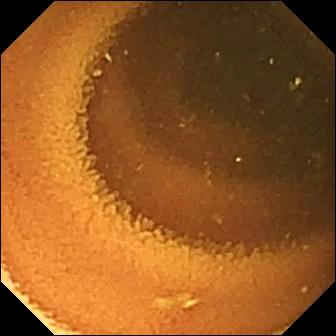Normal clean mucosa — capsule endoscopy image of the small intestine.